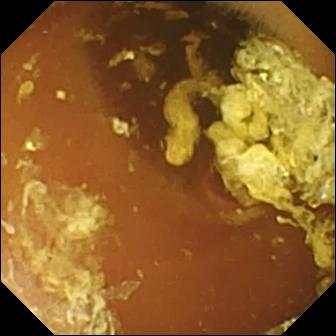Capsule endoscopy. Finding: normal clean mucosa.